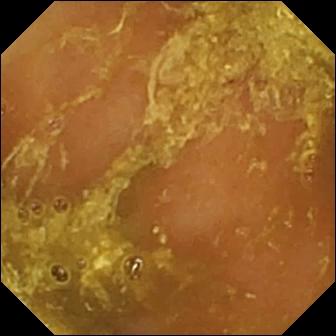PROCEDURE: Video capsule endoscopy.
SEGMENT: Small intestine.
FINDINGS: Reduced mucosal view (content or bubbles obscuring the mucosa).